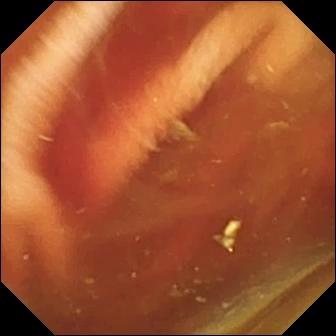- modality: capsule endoscopy
- category: luminal finding
- label: fresh blood in the lumen